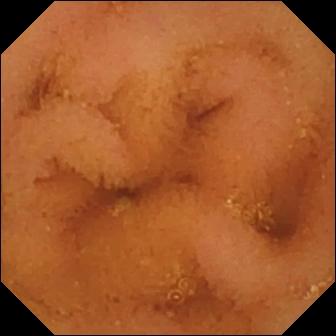PROCEDURE: VCE.
FINDINGS: Normal clean mucosa.